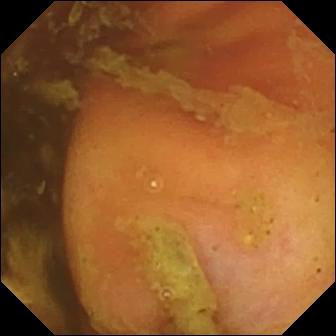VCE view, 336×336. Taken in the ileo-cecal valve region (where the capsule passes from the small bowel into the large bowel).